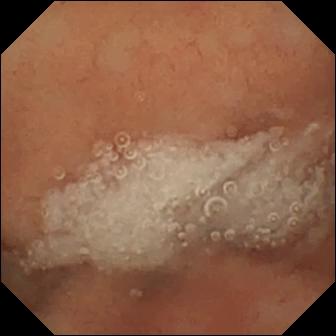Wireless capsule endoscopy snapshot (small intestine). Normal clean mucosa.